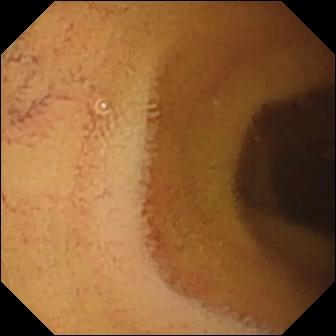Wireless capsule endoscopy snapshot of the small bowel showing normal clean mucosa.